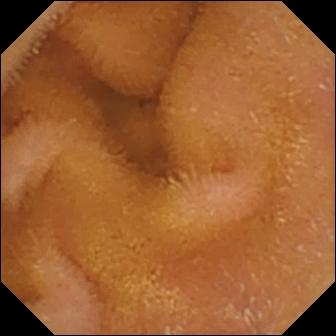Small-bowel capsule endoscopy image. Normal clean mucosa.